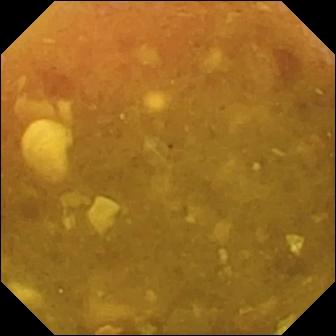Reduced mucosal view (content or bubbles obscuring the mucosa).